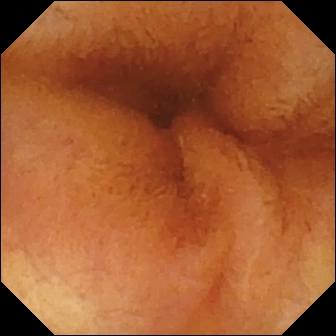Q: What does this video capsule endoscopy view show?
A: Normal clean mucosa.